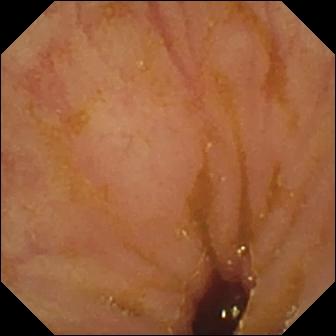- modality: wireless capsule endoscopy
- category: anatomical landmark
- position: ileo-cecal valve region